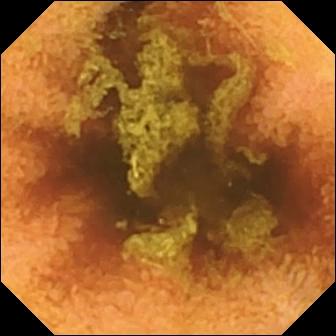WCE image
Observation: normal clean mucosa